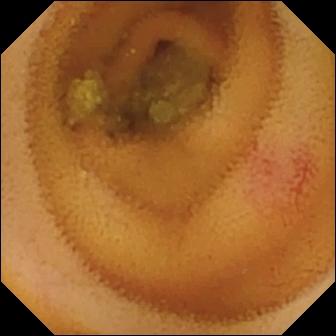PROCEDURE: WCE.
FINDINGS: Angiectasia.